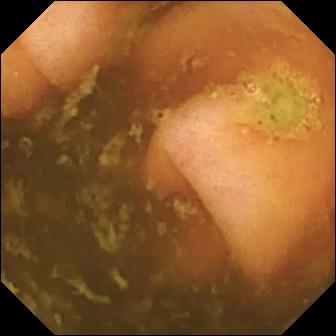Q: Where in the digestive tract was this wireless capsule endoscopy still taken?
A: Ileo-cecal valve region (where the capsule passes from the small bowel into the large bowel).